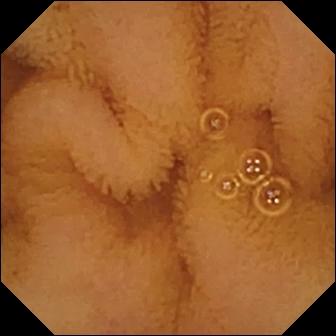This capsule endoscopy snapshot of the small intestine shows normal clean mucosa.